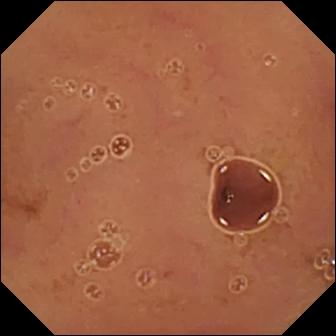{"modality": "WCE", "finding": "normal clean mucosa"}